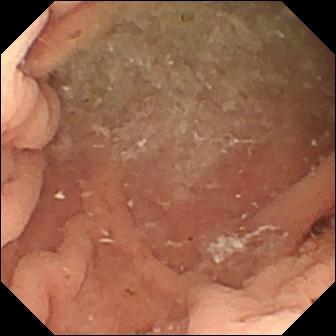Q: What does this small-bowel capsule endoscopy image show?
A: Angiectasia.